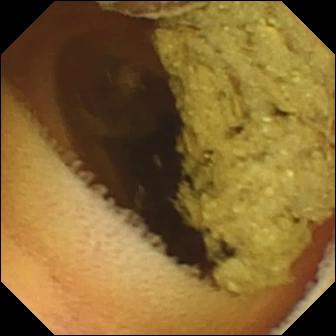Video capsule endoscopy still, small bowel
Observation: normal clean mucosa